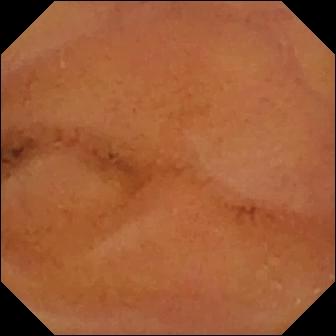- modality: capsule endoscopy
- segment: small intestine
- label: normal clean mucosa